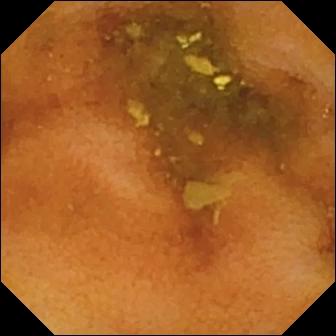PROCEDURE: WCE.
FINDINGS: Normal clean mucosa.